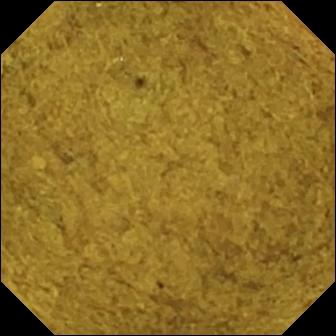{"modality": "WCE", "position": "ileo-cecal valve region (where the capsule passes from the small bowel into the large bowel)"}